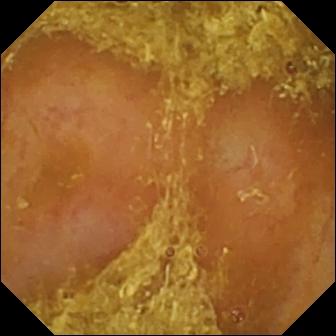WCE still (small intestine). Reduced mucosal view (content or bubbles obscuring the mucosa).